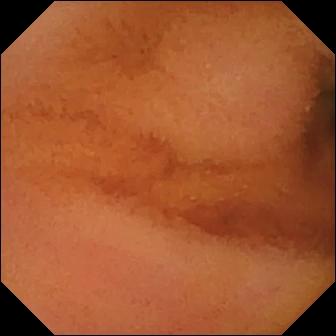WCE — normal clean mucosa.